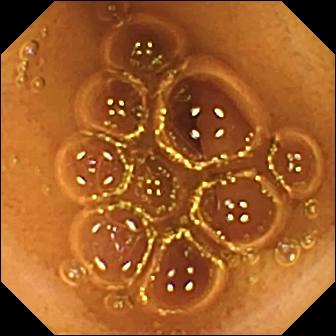Normal clean mucosa (336×336).